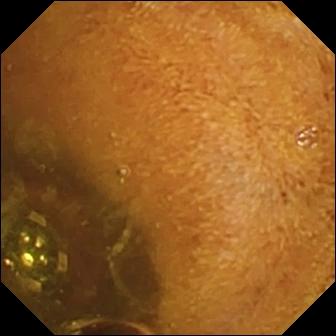{"modality": "small-bowel capsule endoscopy", "finding": "foreign body (e.g. retained capsule, tablet residue)"}